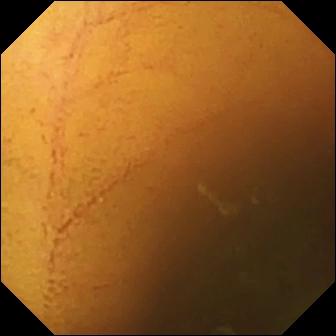Wireless capsule endoscopy. Observation: normal clean mucosa.